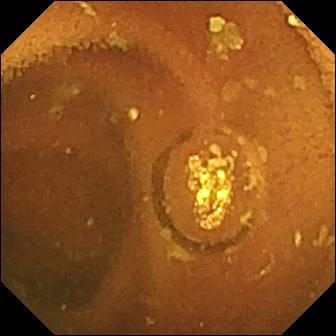{"modality": "WCE", "finding": "normal clean mucosa"}